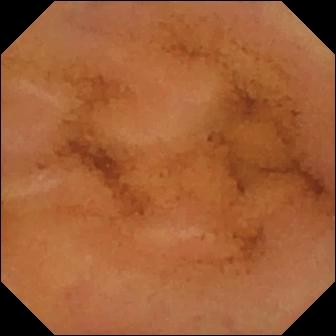Capsule endoscopy — normal clean mucosa.